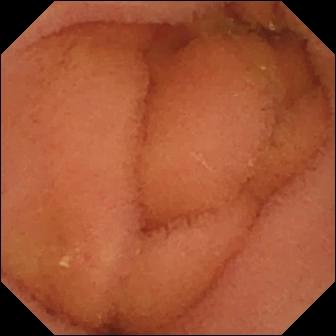{"modality": "wireless capsule endoscopy", "finding": "normal clean mucosa"}